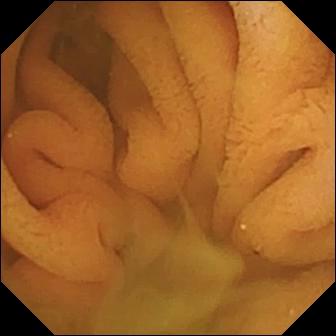- modality: wireless capsule endoscopy
- segment: small bowel
- category: luminal finding
- impression: normal clean mucosa